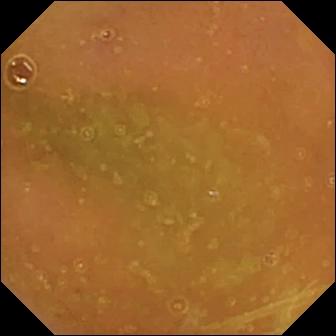PROCEDURE: WCE.
FINDINGS: Normal clean mucosa.